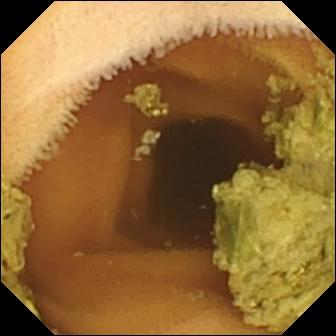This small-bowel capsule endoscopy image shows normal clean mucosa.